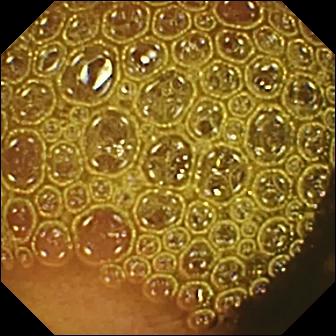Small-bowel capsule endoscopy snapshot of the small intestine showing reduced mucosal view (content or bubbles obscuring the mucosa).